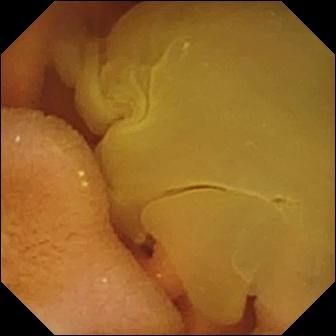- modality: small-bowel capsule endoscopy
- segment: small bowel
- label: normal clean mucosa